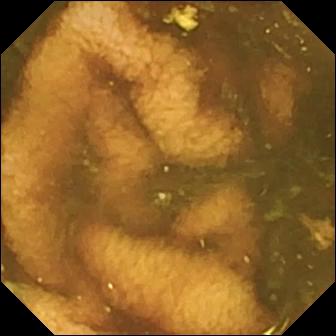WCE snapshot taken in the ileo-cecal valve region (where the capsule passes from the small bowel into the large bowel).